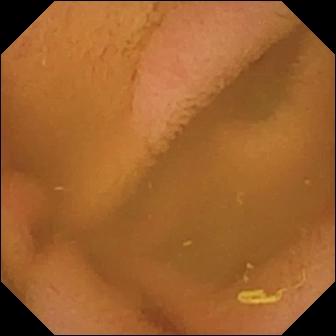modality: wireless capsule endoscopy; observation: normal clean mucosa